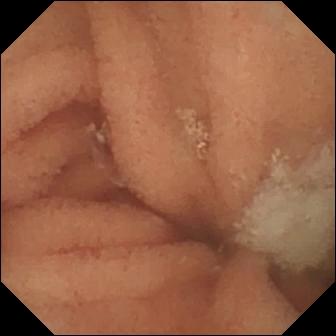Capsule endoscopy image of the small bowel showing normal clean mucosa.